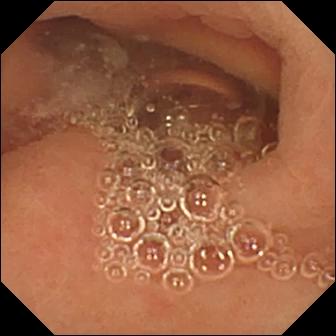VCE snapshot showing normal clean mucosa.